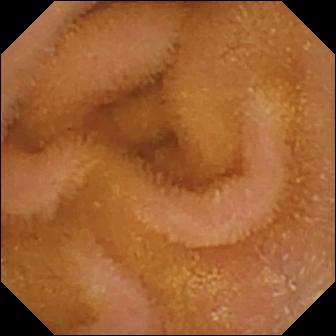- modality: WCE
- finding: normal clean mucosa